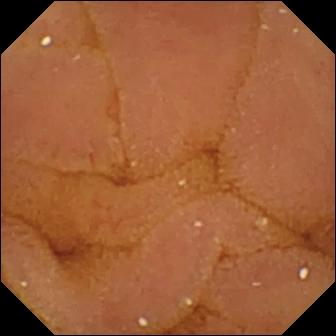- modality: WCE
- segment: small bowel
- category: luminal finding
- label: normal clean mucosa